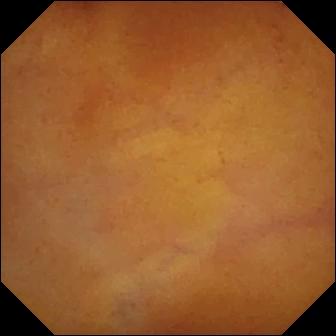Small-bowel capsule endoscopy — normal clean mucosa.